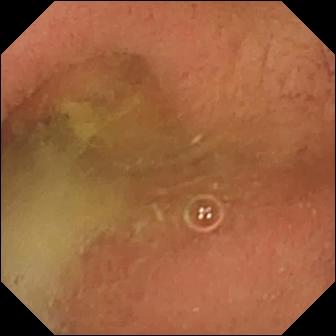Pylorus region (the junction between the stomach and the small bowel).